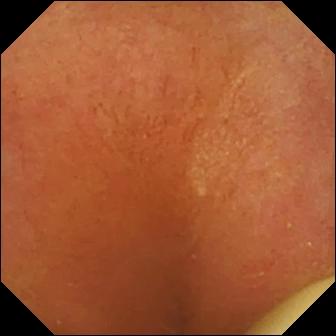VCE. Luminal finding. Finding: foreign body (e.g. retained capsule, tablet residue).